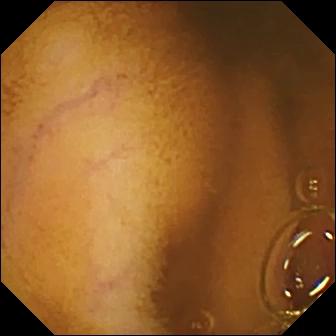Video capsule endoscopy. Small bowel. Luminal finding. Label: normal clean mucosa.